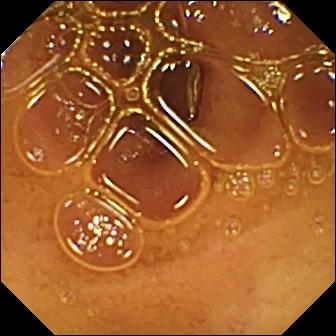PROCEDURE: WCE.
SEGMENT: Small bowel.
FINDINGS: Normal clean mucosa.